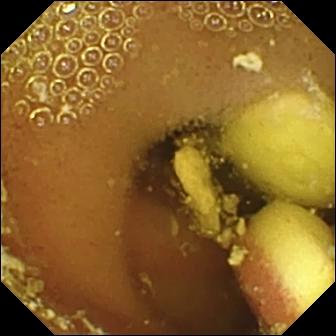This wireless capsule endoscopy image shows foreign body (e.g. retained capsule, tablet residue).